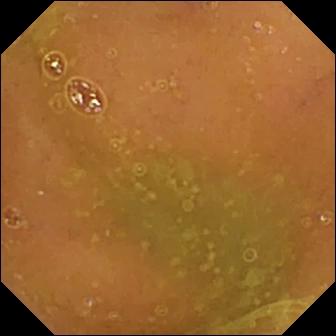modality: WCE; segment: small intestine; category: luminal finding; finding: normal clean mucosa